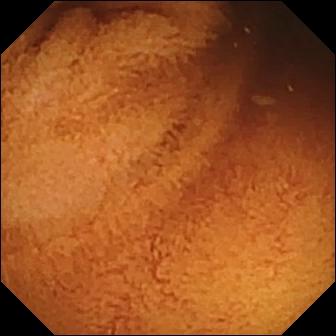This VCE view of the small intestine shows normal clean mucosa.